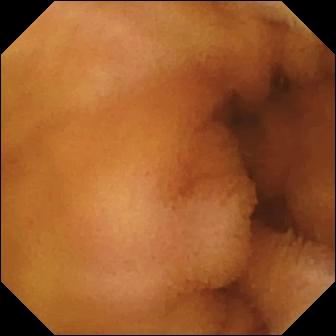Q: What does this video capsule endoscopy view show?
A: Normal clean mucosa.